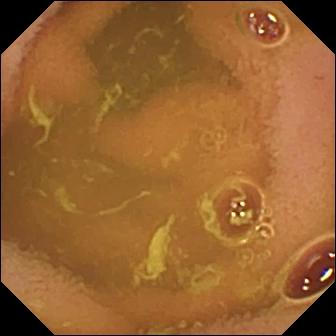This small-bowel capsule endoscopy image shows normal clean mucosa.